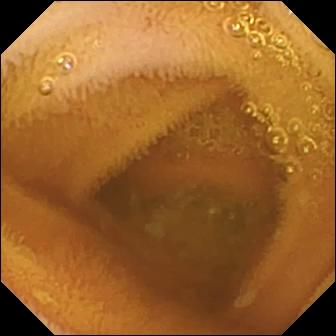VCE snapshot
Finding: normal clean mucosa